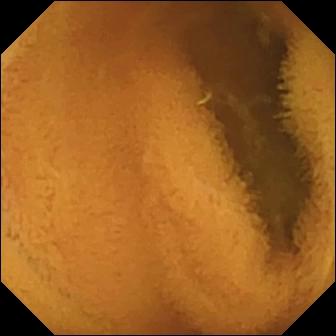PROCEDURE: WCE.
FINDINGS: Normal clean mucosa.